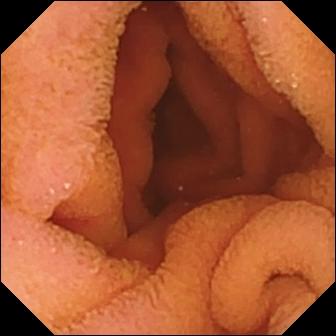VCE frame (small bowel). Normal clean mucosa.